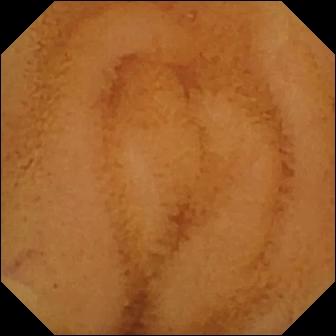Capsule endoscopy — normal clean mucosa.